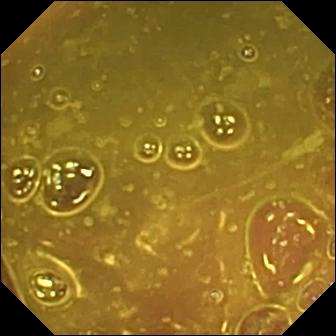Small-bowel capsule endoscopy. Video segment: ileo-cecal valve region (where the capsule passes from the small bowel into the large bowel).